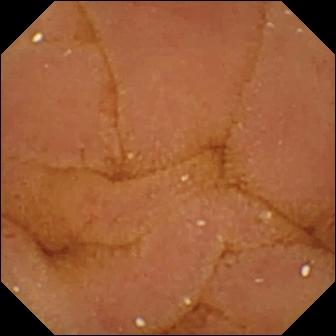PROCEDURE: Small-bowel capsule endoscopy.
FINDINGS: Normal clean mucosa.